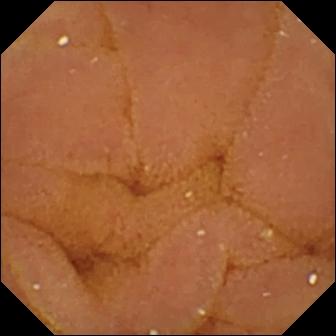This capsule endoscopy view shows normal clean mucosa.